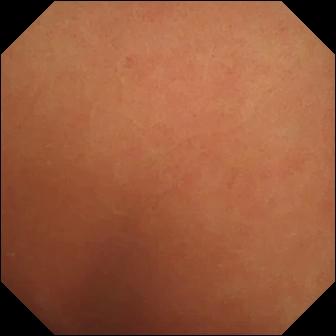- modality: small-bowel capsule endoscopy
- category: luminal finding
- observation: normal clean mucosa